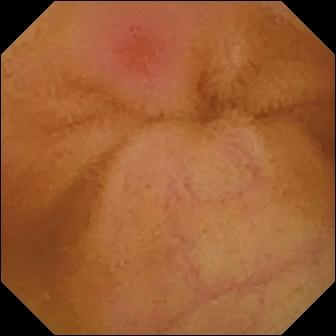Capsule endoscopy. Impression: erythema (mucosal redness).